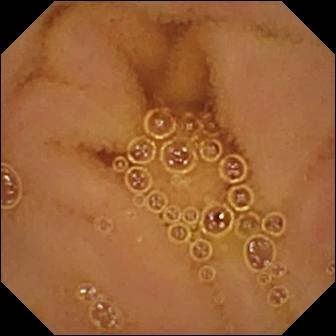modality: wireless capsule endoscopy; observation: normal clean mucosa